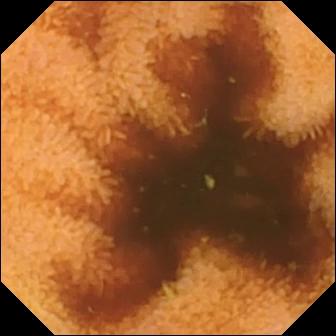Video capsule endoscopy still
Label: normal clean mucosa